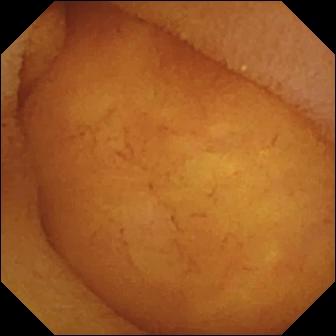Q: What does this video capsule endoscopy snapshot show?
A: Normal clean mucosa.